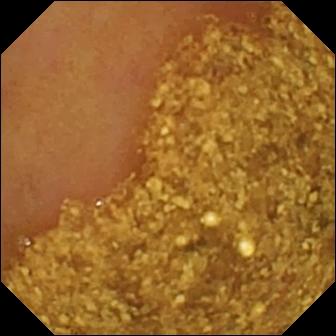Ileo-cecal valve region — wireless capsule endoscopy still.